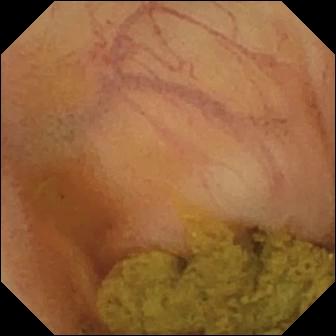Q: Where in the digestive tract was this WCE frame taken?
A: Ileo-cecal valve region (the transition from the small bowel to the large bowel).